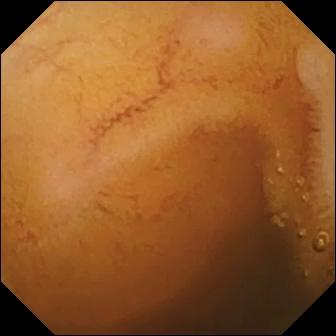Wireless capsule endoscopy. Luminal finding. Label: normal clean mucosa.